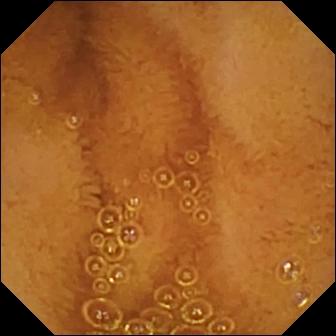Small-bowel capsule endoscopy view of the small bowel showing normal clean mucosa.